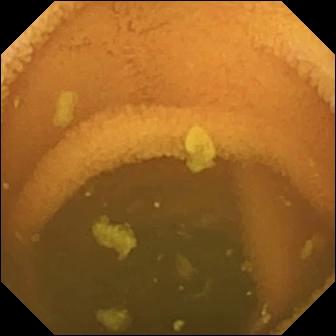Normal clean mucosa — WCE frame of the small bowel.